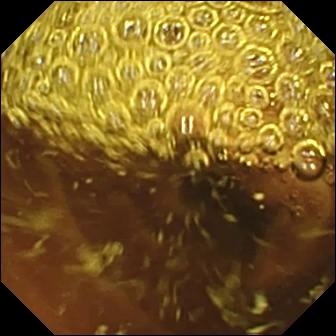PROCEDURE: Capsule endoscopy.
SEGMENT: Small bowel.
FINDINGS: Normal clean mucosa.